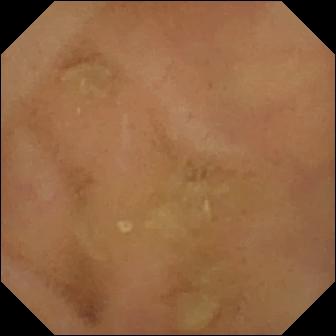VCE — normal clean mucosa.